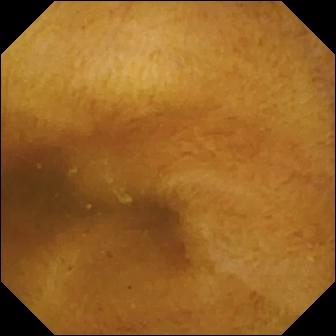WCE snapshot, small intestine
Observation: normal clean mucosa